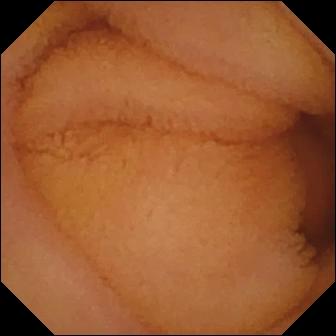WCE still showing normal clean mucosa.